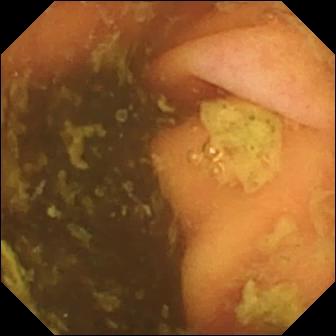{"modality": "video capsule endoscopy", "location": "ileo-cecal valve region (where the capsule passes from the small bowel into the large bowel)"}